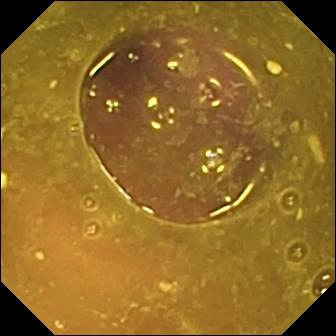VCE — reduced mucosal view (content or bubbles obscuring the mucosa).